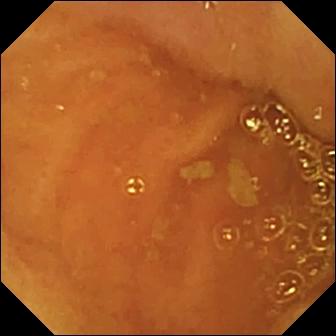WCE image taken in the ileo-cecal valve region (where the capsule passes from the small bowel into the large bowel).